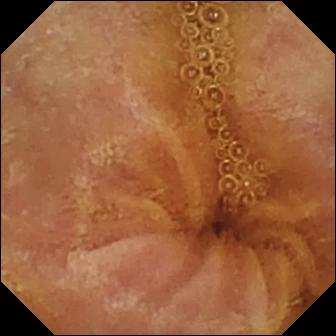Normal clean mucosa (336×336).